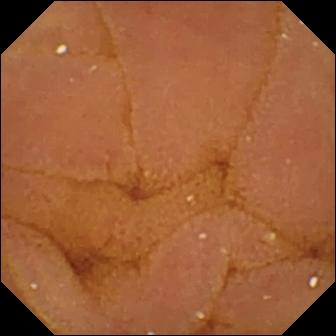modality: video capsule endoscopy; impression: normal clean mucosa